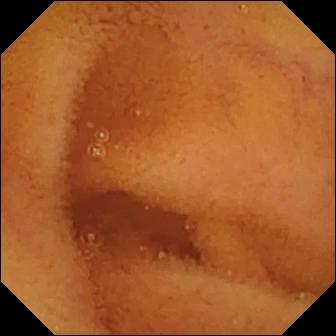Q: What does this wireless capsule endoscopy snapshot of the small bowel show?
A: Normal clean mucosa.